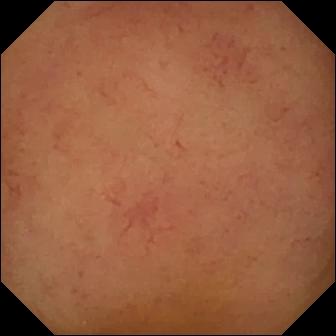Q: What does this wireless capsule endoscopy frame of the small intestine show?
A: Normal clean mucosa.